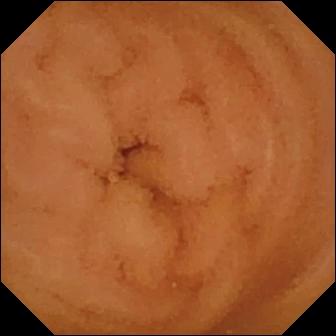Video capsule endoscopy frame (small bowel). Normal clean mucosa.